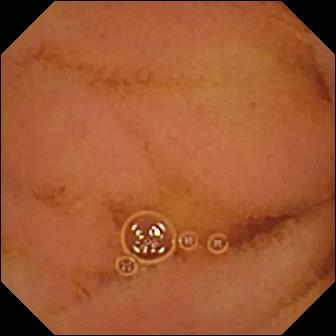{"modality": "wireless capsule endoscopy", "segment": "small bowel", "category": "luminal finding", "finding": "normal clean mucosa"}